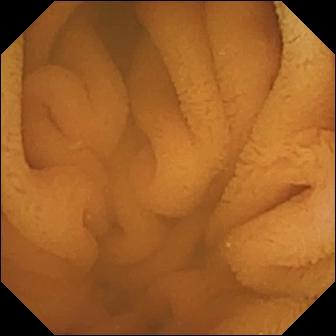WCE still, small bowel
Finding: normal clean mucosa